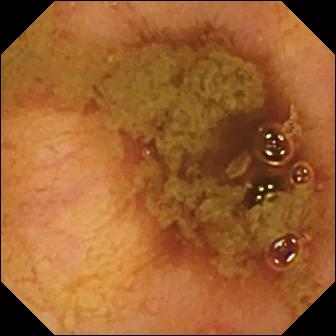Ileo-cecal valve region (where the capsule passes from the small bowel into the large bowel).